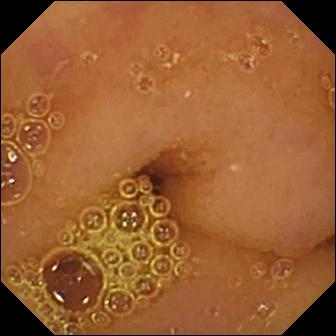{"modality": "VCE", "segment": "small bowel", "finding": "normal clean mucosa"}